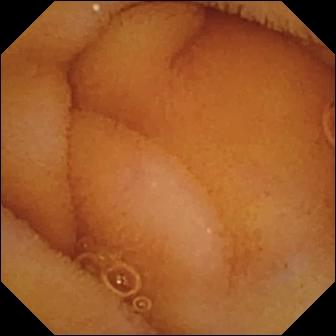Video capsule endoscopy snapshot, small bowel
Label: normal clean mucosa